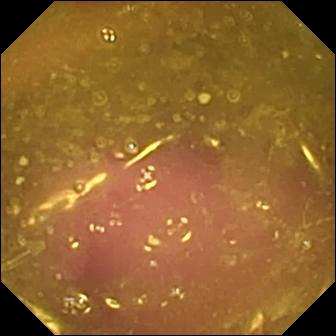Reduced mucosal view (content or bubbles obscuring the mucosa).